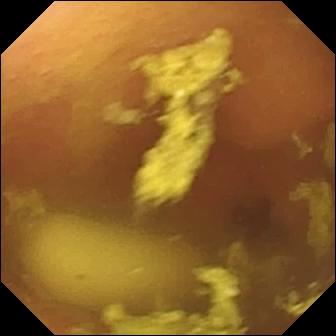Q: What does this wireless capsule endoscopy image show?
A: Foreign body (e.g. retained capsule, tablet residue).